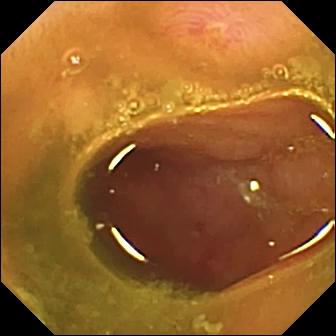Ulcer — capsule endoscopy image.